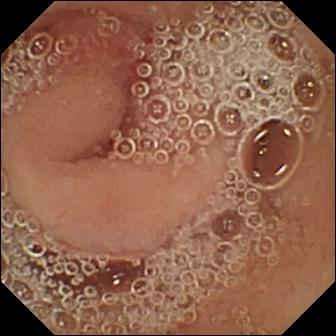Capsule endoscopy frame. Taken in the pylorus region.